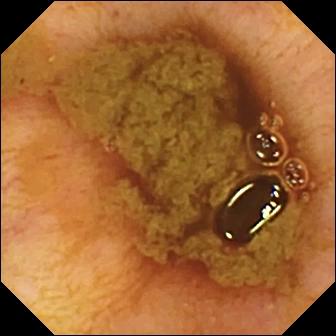Small-bowel capsule endoscopy view
Location: ileo-cecal valve region (the transition from the small bowel to the large bowel)